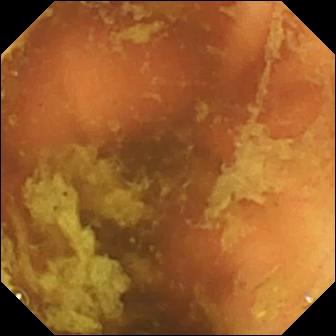{"modality": "wireless capsule endoscopy", "location": "ileo-cecal valve region (the transition from the small bowel to the large bowel)"}